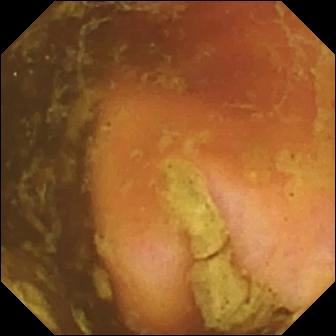This video capsule endoscopy still was taken in the ileo-cecal valve region (where the capsule passes from the small bowel into the large bowel).